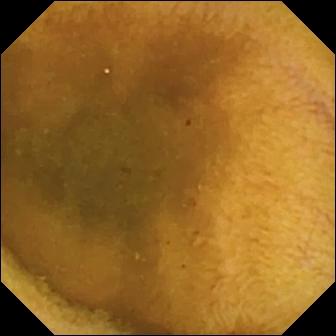VCE. Small intestine. Observation: normal clean mucosa.